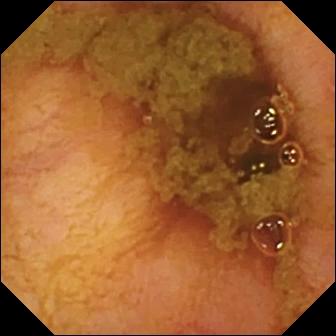PROCEDURE: Video capsule endoscopy.
LOCATION: Ileo-cecal valve region (where the capsule passes from the small bowel into the large bowel).